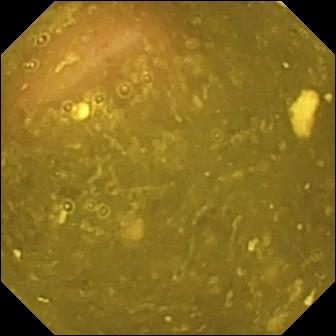Ileo-cecal valve region (where the capsule passes from the small bowel into the large bowel) — WCE view.